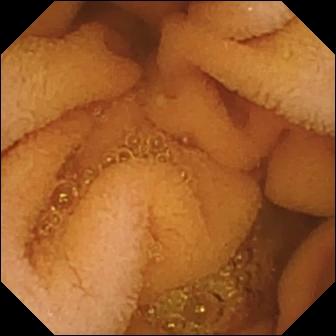This VCE frame shows normal clean mucosa.